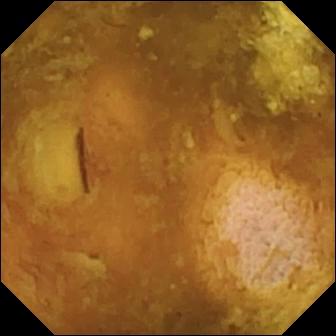Small-bowel capsule endoscopy still (small bowel). Reduced mucosal view (content or bubbles obscuring the mucosa).